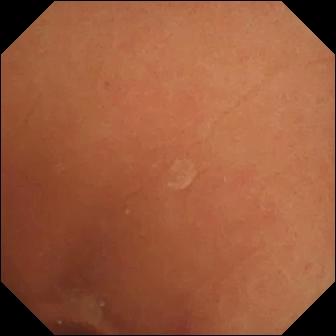Q: What does this capsule endoscopy image show?
A: Normal clean mucosa.